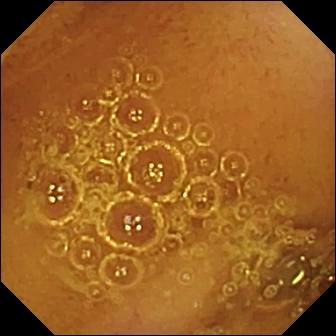- modality: WCE
- segment: small bowel
- category: luminal finding
- observation: normal clean mucosa